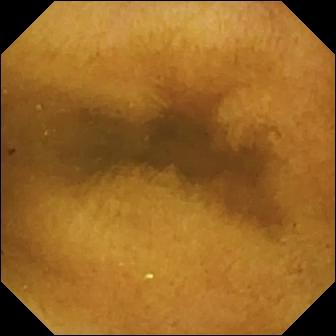PROCEDURE: Capsule endoscopy.
FINDINGS: Normal clean mucosa.